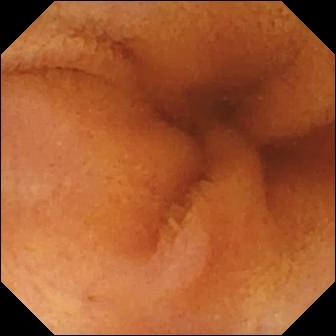Video capsule endoscopy. Luminal finding. Impression: normal clean mucosa.